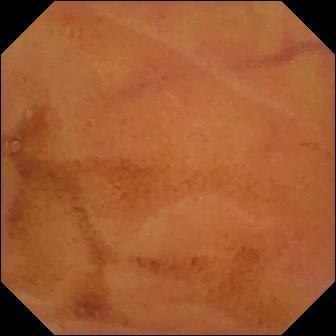Small-bowel capsule endoscopy frame of the small intestine showing normal clean mucosa.